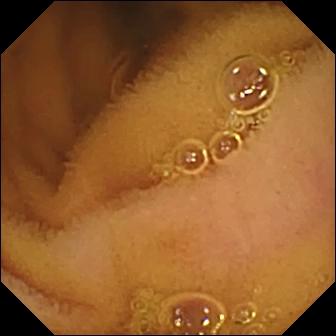Small-bowel capsule endoscopy. Small bowel. Impression: normal clean mucosa.